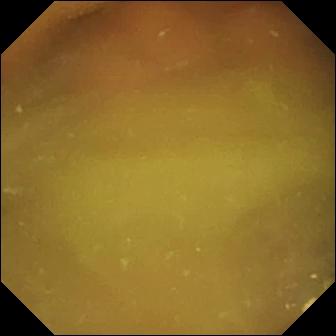PROCEDURE: Small-bowel capsule endoscopy.
SEGMENT: Small bowel.
FINDINGS: Normal clean mucosa.